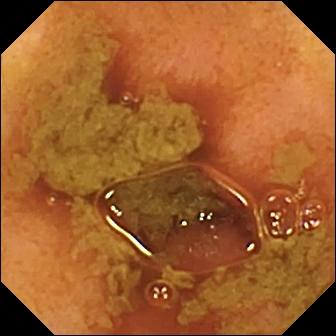WCE snapshot taken in the ileo-cecal valve region (the transition from the small bowel to the large bowel).